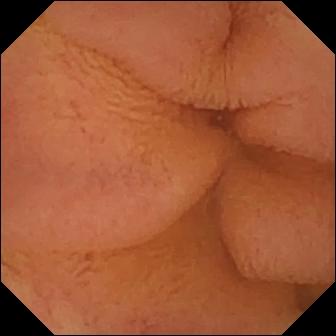WCE frame. Normal clean mucosa.